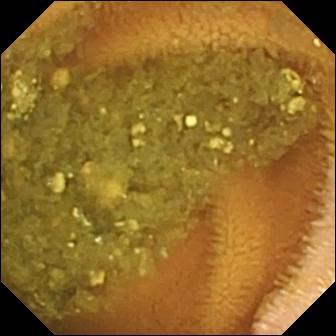WCE snapshot of the small bowel showing reduced mucosal view (content or bubbles obscuring the mucosa).